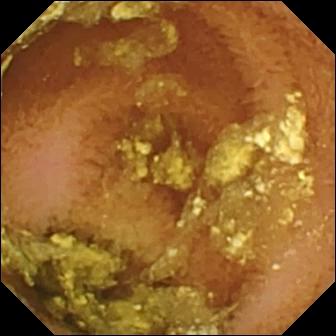Q: What does this wireless capsule endoscopy snapshot of the small intestine show?
A: Normal clean mucosa.